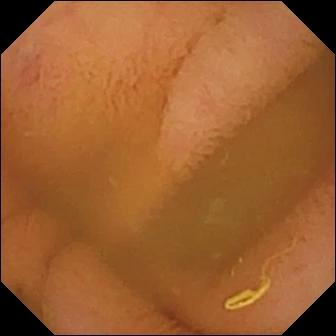VCE. Small bowel. Impression: normal clean mucosa.